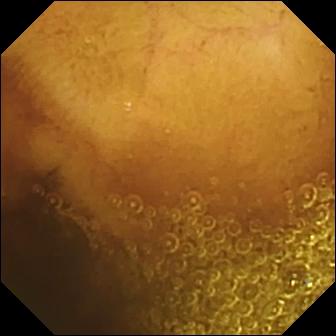Capsule endoscopy view (small bowel). Normal clean mucosa.